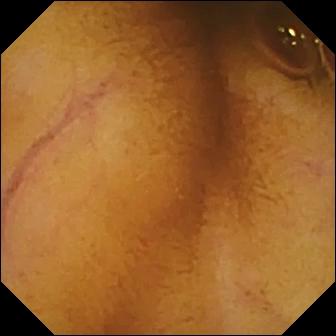Normal clean mucosa (336×336).